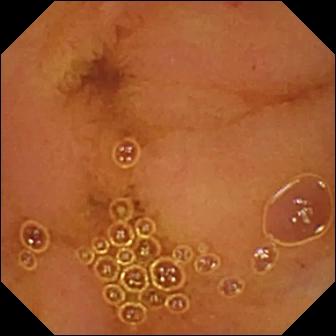Q: What does this VCE frame of the small bowel show?
A: Normal clean mucosa.